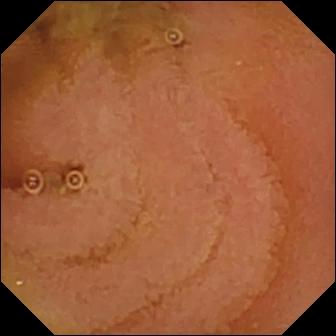Small-bowel capsule endoscopy — normal clean mucosa.